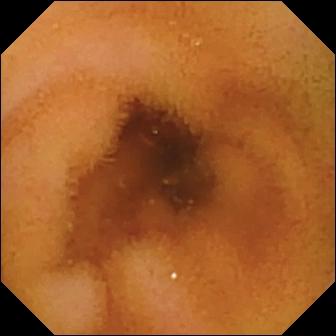Normal clean mucosa.